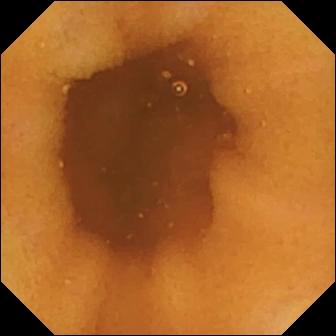PROCEDURE: VCE.
FINDINGS: Normal clean mucosa.